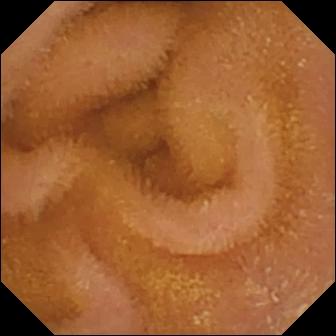Capsule endoscopy snapshot, small intestine
Observation: normal clean mucosa